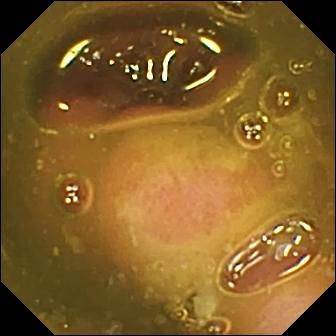Q: Where in the digestive tract was this video capsule endoscopy image taken?
A: Ileo-cecal valve region (the transition from the small bowel to the large bowel).